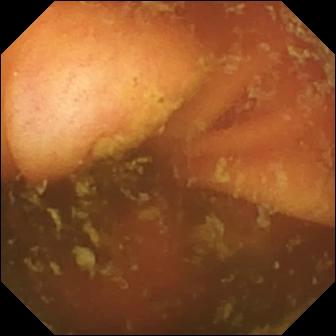VCE still taken in the ileo-cecal valve region.